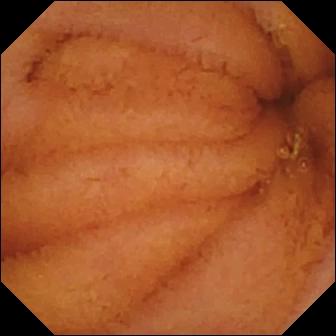Normal clean mucosa — video capsule endoscopy still of the small intestine.